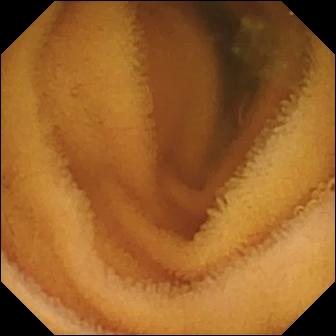Wireless capsule endoscopy — normal clean mucosa.